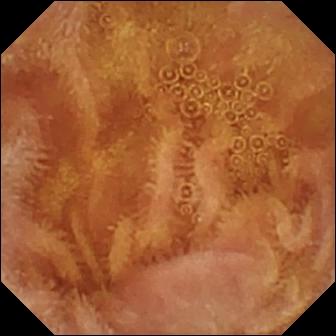- modality: capsule endoscopy
- category: luminal finding
- observation: normal clean mucosa